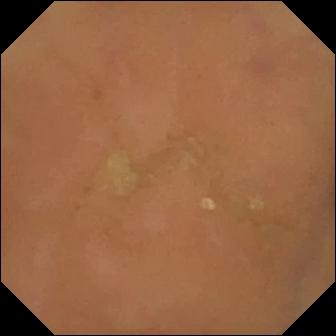Q: What does this video capsule endoscopy frame of the small intestine show?
A: Normal clean mucosa.